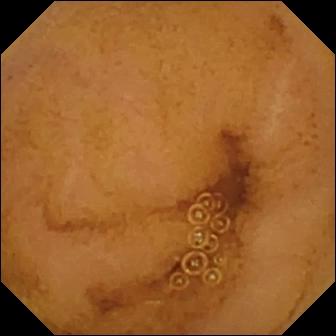Q: What does this WCE frame show?
A: Normal clean mucosa.